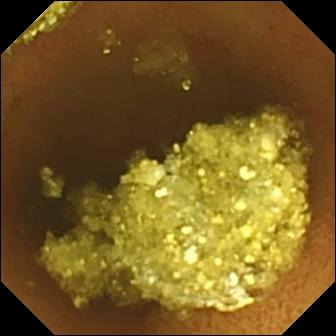Q: What does this WCE still of the small bowel show?
A: Normal clean mucosa.